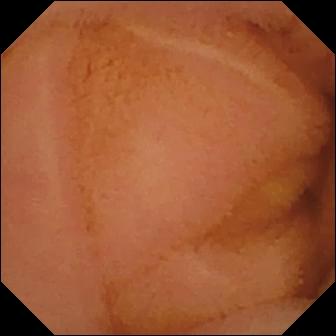Normal clean mucosa — capsule endoscopy still of the small bowel.